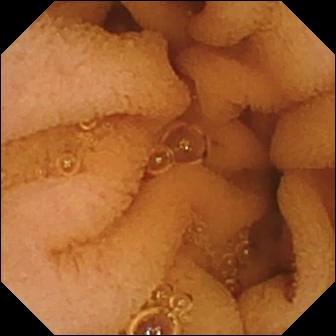Normal clean mucosa — capsule endoscopy image of the small intestine.